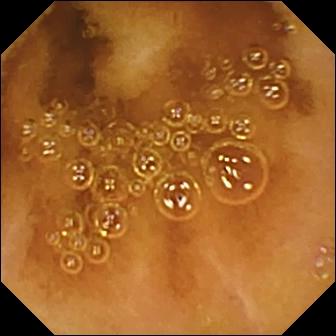Normal clean mucosa — capsule endoscopy frame of the small bowel.